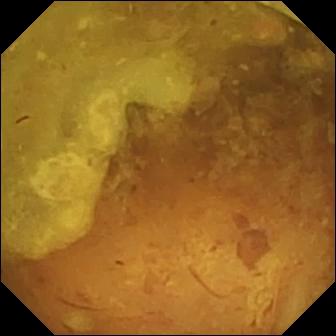Video capsule endoscopy — reduced mucosal view (content or bubbles obscuring the mucosa).